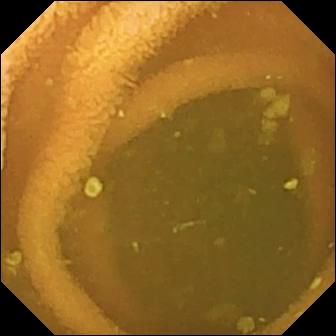Normal clean mucosa — video capsule endoscopy view of the small intestine.